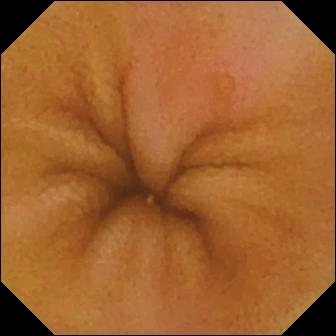Erosion.